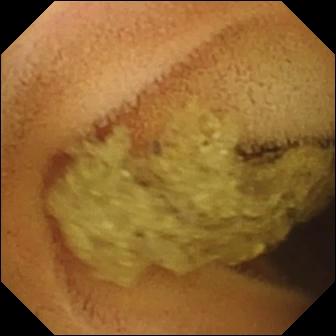Normal clean mucosa.